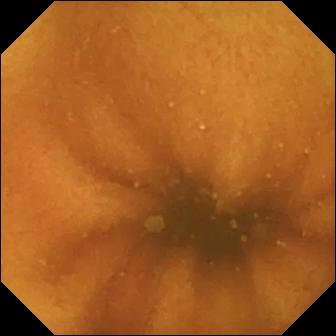- modality: capsule endoscopy
- impression: normal clean mucosa